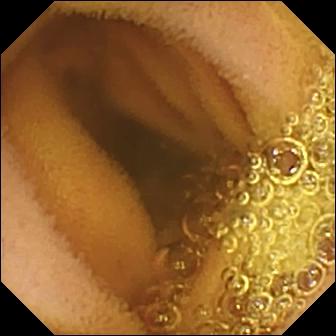VCE snapshot of the small bowel showing normal clean mucosa.